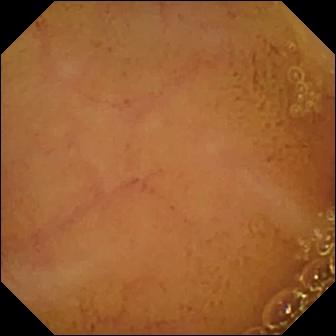Video capsule endoscopy image showing normal clean mucosa.